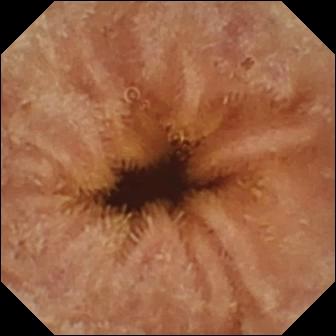Wireless capsule endoscopy view showing normal clean mucosa.